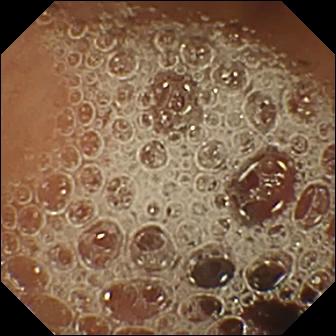Capsule endoscopy — normal clean mucosa.